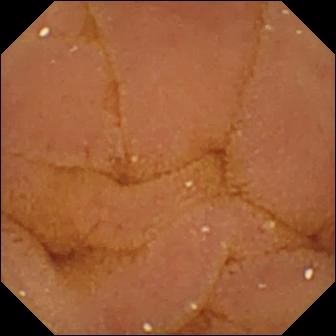Video capsule endoscopy still (small intestine). Normal clean mucosa.